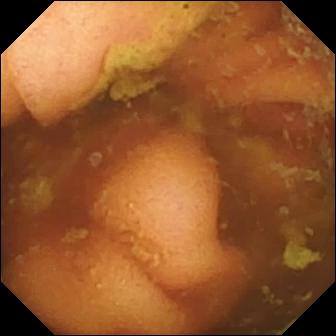Q: Where in the digestive tract was this wireless capsule endoscopy image taken?
A: Ileo-cecal valve region (where the capsule passes from the small bowel into the large bowel).